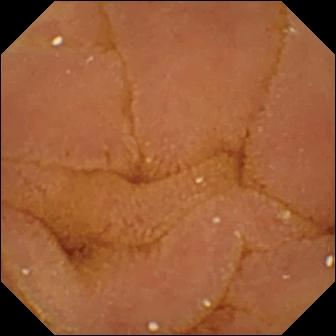PROCEDURE: Capsule endoscopy.
SEGMENT: Small bowel.
FINDINGS: Normal clean mucosa.